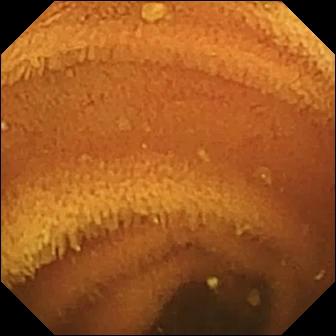WCE image
Impression: normal clean mucosa